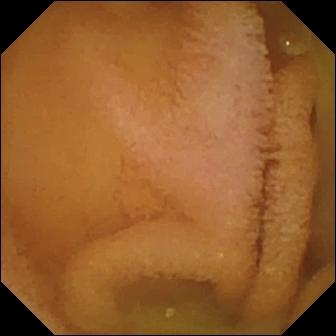This VCE still of the small intestine shows normal clean mucosa.